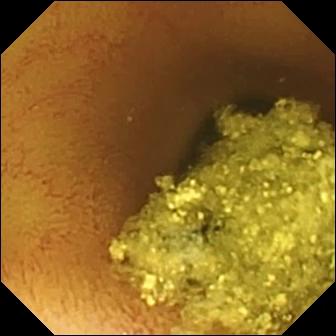{"modality": "wireless capsule endoscopy", "finding": "normal clean mucosa"}